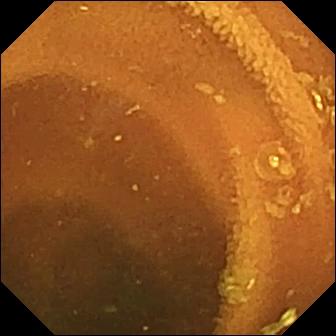VCE view of the small bowel showing normal clean mucosa.